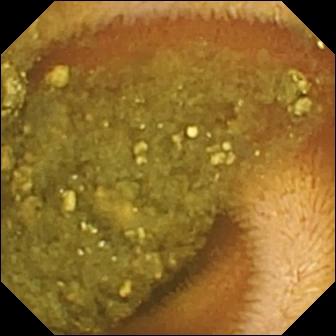Q: What does this wireless capsule endoscopy image of the small intestine show?
A: Reduced mucosal view (content or bubbles obscuring the mucosa).